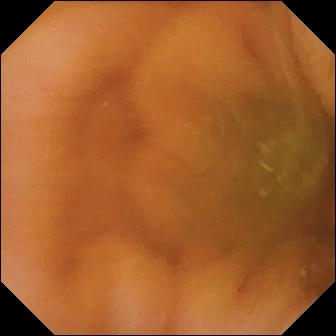Video capsule endoscopy image showing normal clean mucosa.